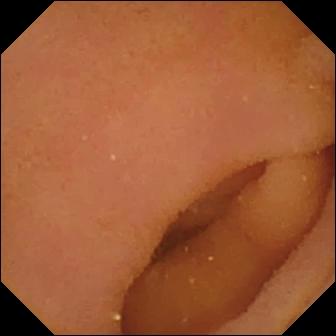PROCEDURE: VCE.
POSITION: Pylorus region.